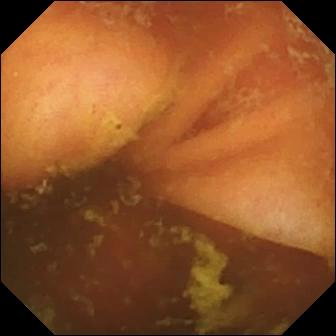Small-bowel capsule endoscopy — ileo-cecal valve region (where the capsule passes from the small bowel into the large bowel).